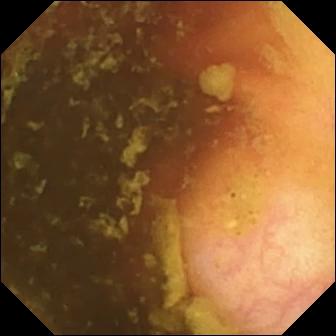Ileo-cecal valve region — small-bowel capsule endoscopy frame.